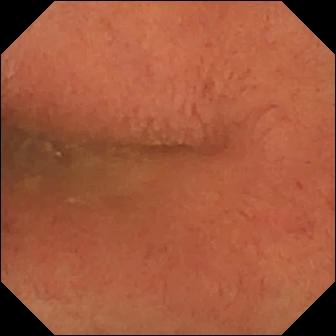Q: Where in the digestive tract was this wireless capsule endoscopy view taken?
A: Pylorus region.